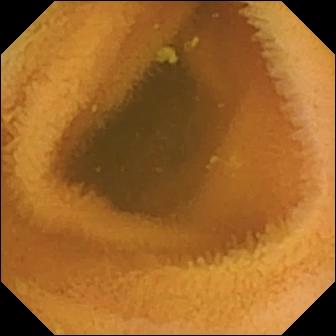Wireless capsule endoscopy — normal clean mucosa.